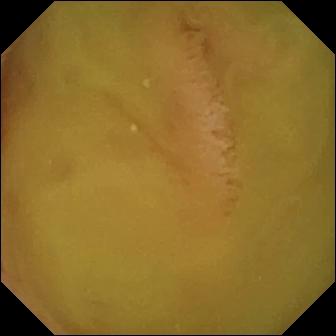Normal clean mucosa.